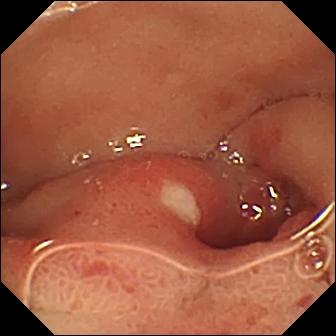PROCEDURE: Video capsule endoscopy.
FINDINGS: Ulcer.